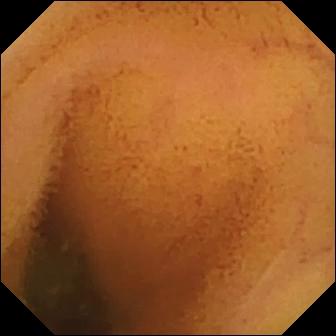Normal clean mucosa — video capsule endoscopy snapshot of the small bowel.